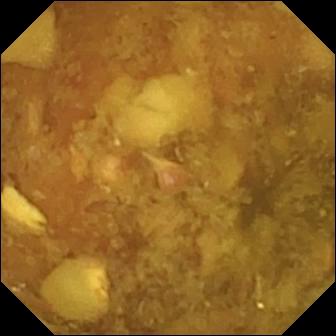Wireless capsule endoscopy snapshot of the small intestine showing reduced mucosal view (content or bubbles obscuring the mucosa).